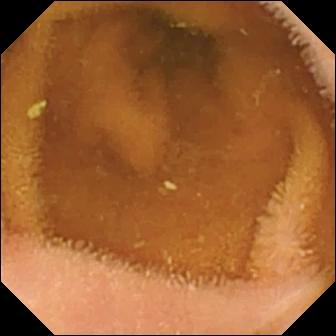PROCEDURE: Capsule endoscopy.
FINDINGS: Normal clean mucosa.